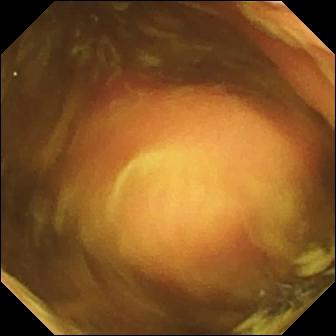PROCEDURE: Wireless capsule endoscopy.
FINDINGS: Polyp.